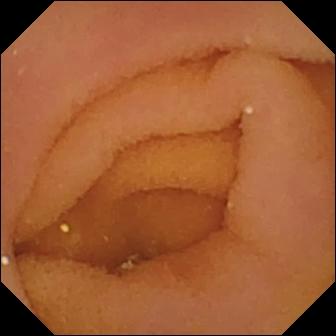Video capsule endoscopy. Position: pylorus region.